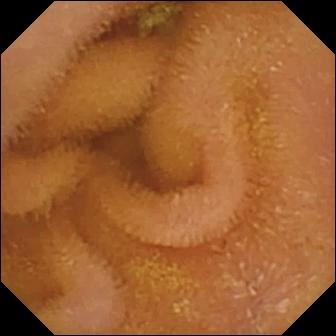Normal clean mucosa.